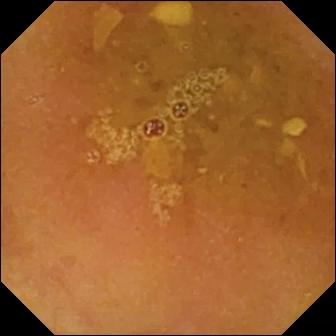{"modality": "capsule endoscopy", "segment": "small bowel", "category": "luminal finding", "finding": "reduced mucosal view (content or bubbles obscuring the mucosa)"}